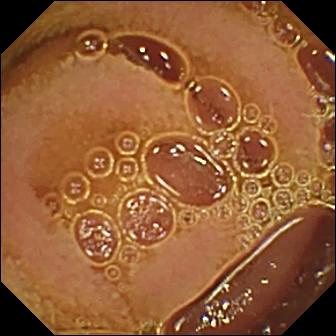- modality: capsule endoscopy
- impression: normal clean mucosa